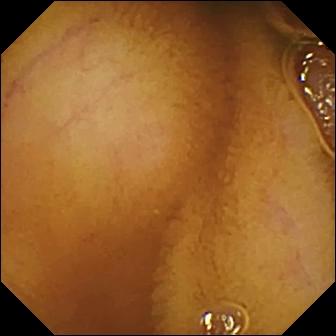Normal clean mucosa.